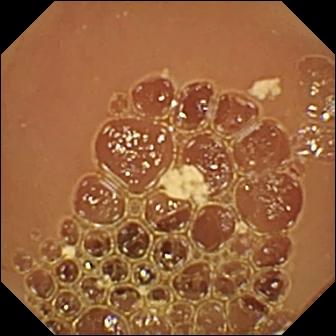WCE. Finding: normal clean mucosa.